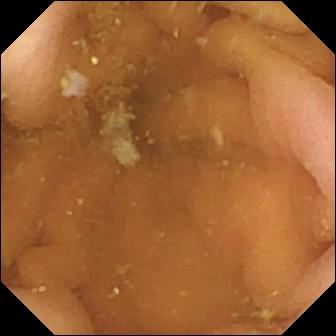WCE image. Taken in the pylorus region (where the capsule passes from the stomach into the small bowel).